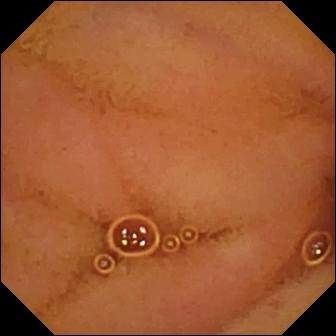This wireless capsule endoscopy snapshot of the small bowel shows normal clean mucosa.